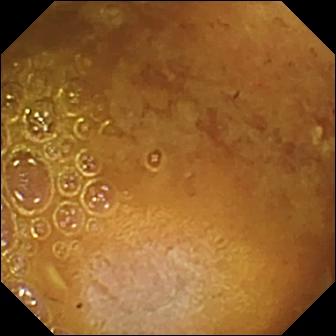{"modality": "video capsule endoscopy", "finding": "reduced mucosal view (content or bubbles obscuring the mucosa)"}